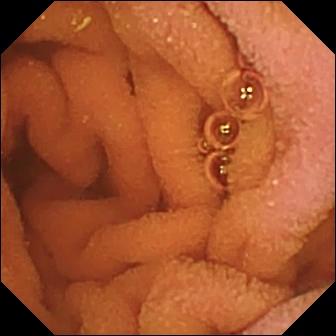VCE image showing normal clean mucosa.